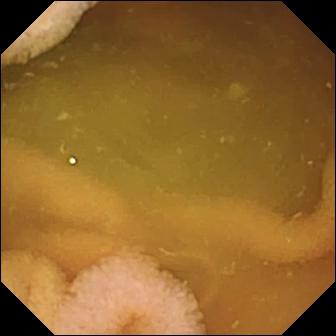PROCEDURE: WCE.
FINDINGS: Normal clean mucosa.